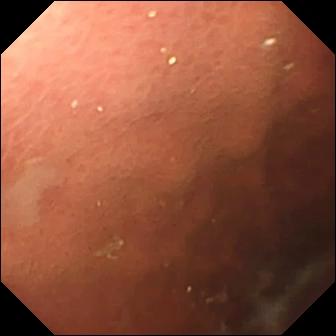PROCEDURE: Video capsule endoscopy.
LABEL: Pylorus region.